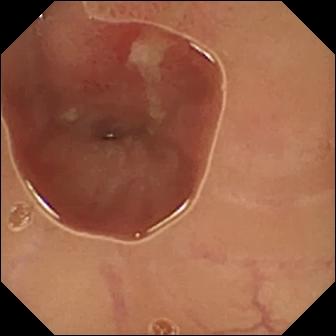VCE frame
Finding: ulcer